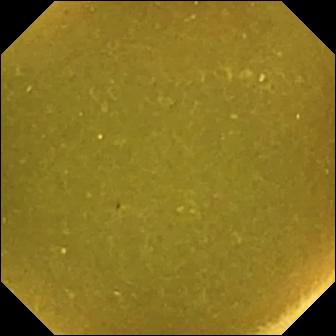VCE view
Position: ileo-cecal valve region (where the capsule passes from the small bowel into the large bowel)